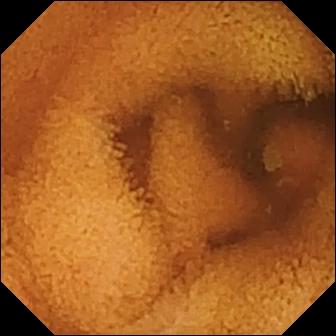Small-bowel capsule endoscopy still, small intestine
Observation: normal clean mucosa